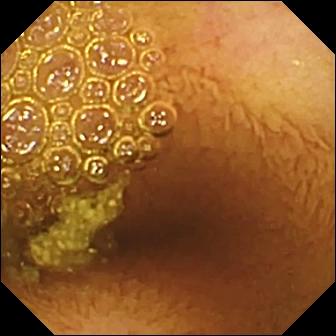Capsule endoscopy frame of the small bowel showing normal clean mucosa.